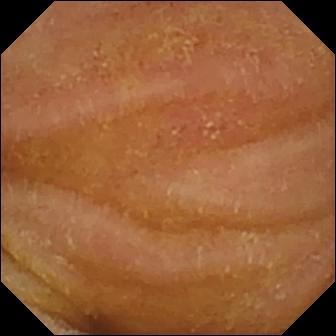modality: WCE
observation: normal clean mucosa